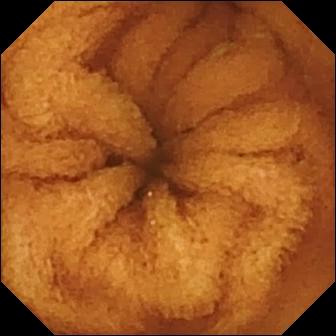- modality: WCE
- segment: small intestine
- observation: normal clean mucosa